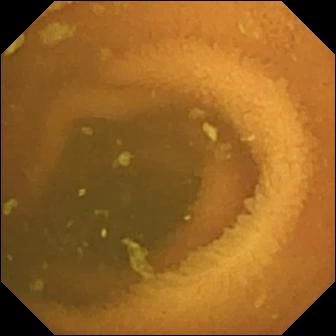modality: small-bowel capsule endoscopy
category: luminal finding
observation: normal clean mucosa